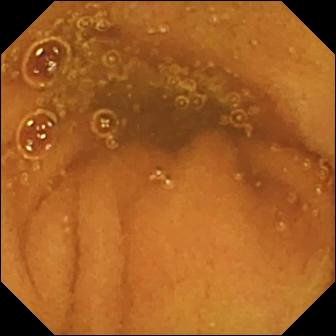modality: video capsule endoscopy
segment: small intestine
impression: normal clean mucosa